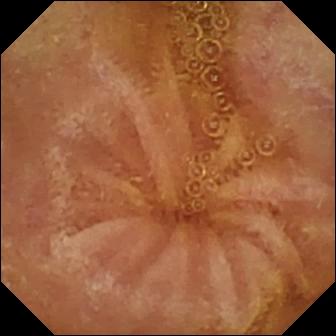- modality: video capsule endoscopy
- segment: small intestine
- observation: normal clean mucosa